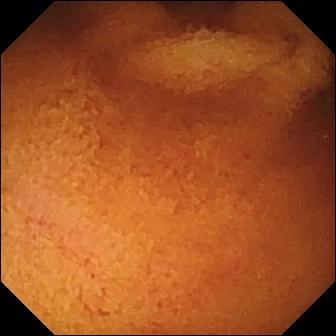This video capsule endoscopy frame of the small bowel shows normal clean mucosa.